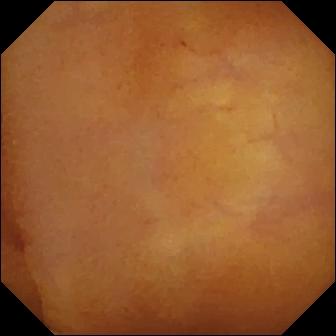- modality: capsule endoscopy
- category: luminal finding
- observation: normal clean mucosa